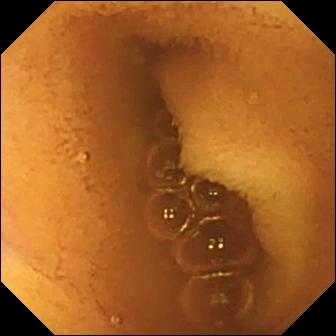Normal clean mucosa — WCE view.